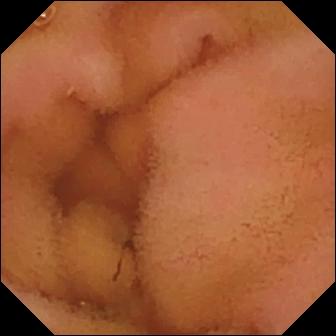modality: VCE | finding: normal clean mucosa